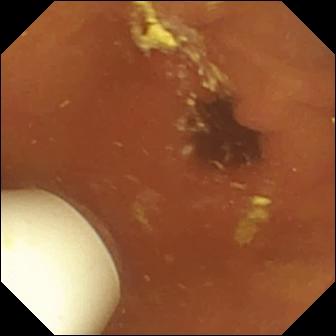{"modality": "WCE", "finding": "foreign body (e.g. retained capsule, tablet residue)"}